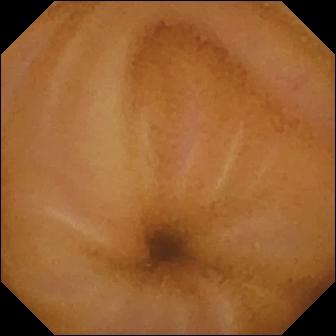Q: What does this capsule endoscopy snapshot show?
A: Normal clean mucosa.